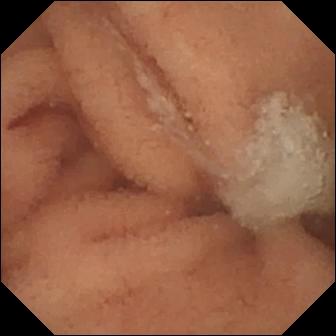PROCEDURE: Capsule endoscopy.
SEGMENT: Small intestine.
FINDINGS: Normal clean mucosa.